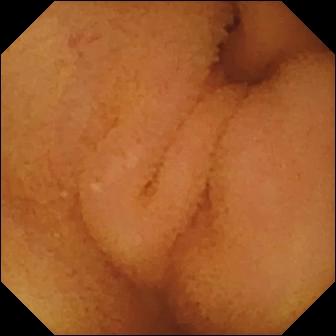VCE view of the small bowel showing normal clean mucosa.